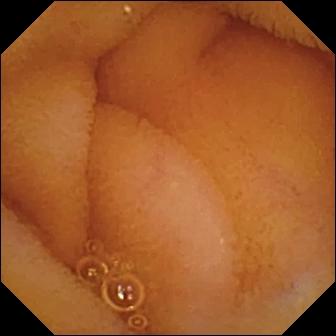This wireless capsule endoscopy view of the small intestine shows normal clean mucosa.